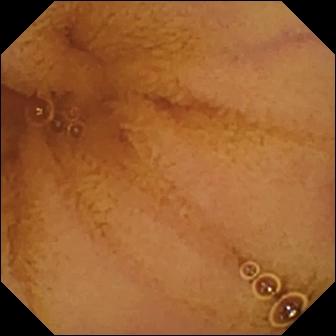This small-bowel capsule endoscopy view shows normal clean mucosa.